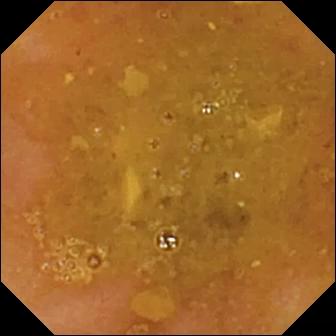Reduced mucosal view (content or bubbles obscuring the mucosa) — video capsule endoscopy snapshot.